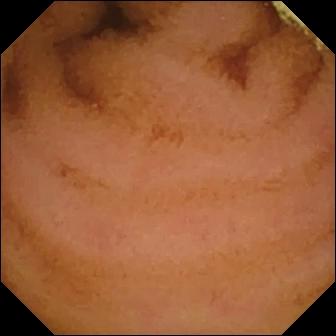modality: VCE
segment: small intestine
category: luminal finding
finding: normal clean mucosa